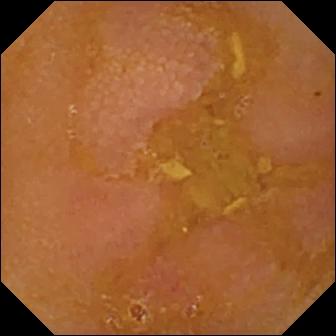Small-bowel capsule endoscopy — reduced mucosal view (content or bubbles obscuring the mucosa).